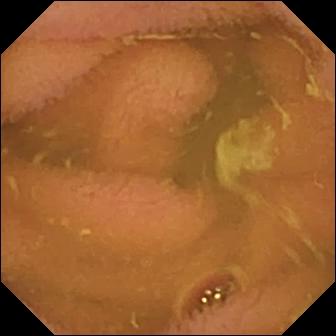Capsule endoscopy view (small intestine). Normal clean mucosa.